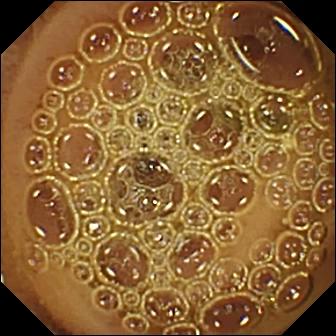Capsule endoscopy view of the small bowel showing normal clean mucosa.